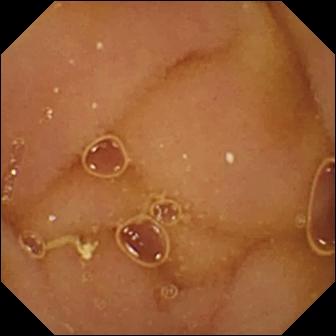- modality: capsule endoscopy
- segment: small intestine
- impression: normal clean mucosa